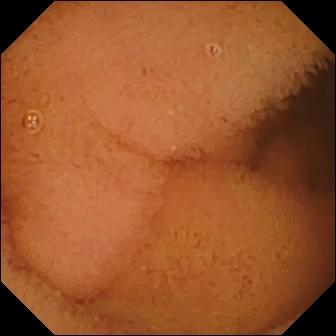WCE image of the small intestine showing normal clean mucosa.